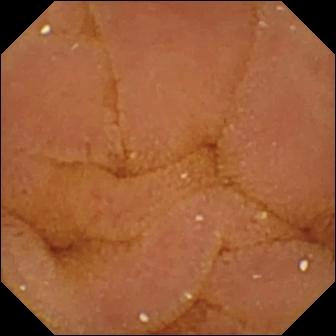PROCEDURE: Capsule endoscopy.
FINDINGS: Normal clean mucosa.